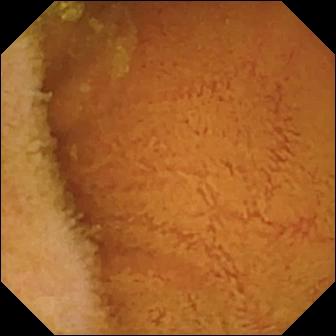{"modality": "wireless capsule endoscopy", "segment": "small intestine", "finding": "normal clean mucosa"}